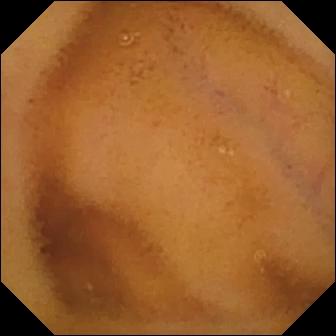Capsule endoscopy view showing normal clean mucosa.